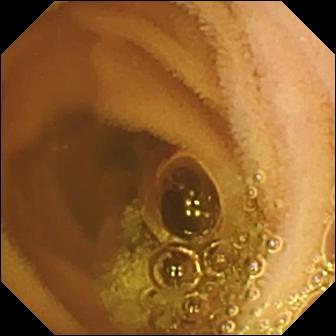{"modality": "WCE", "finding": "normal clean mucosa"}